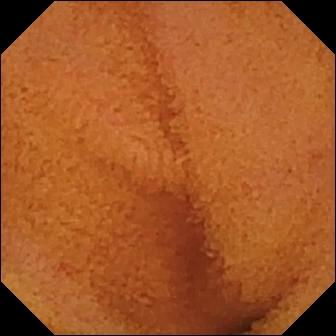This small-bowel capsule endoscopy snapshot of the small bowel shows normal clean mucosa.